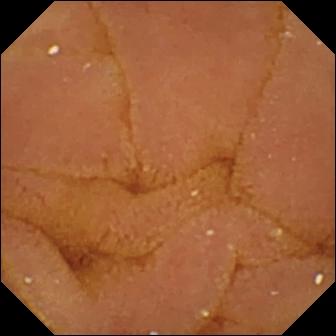Q: What does this video capsule endoscopy view show?
A: Normal clean mucosa.